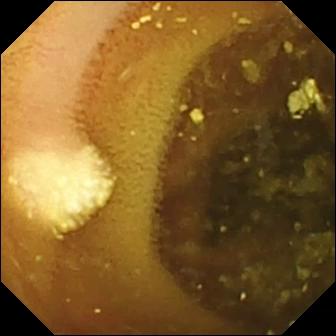Lymphangiectasia — capsule endoscopy image.